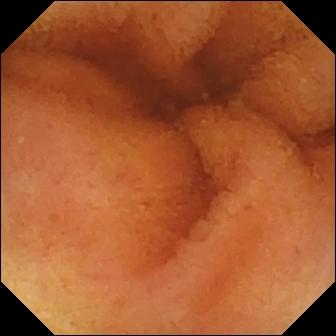Normal clean mucosa — wireless capsule endoscopy image of the small intestine.